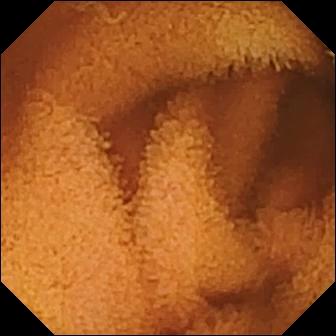Wireless capsule endoscopy snapshot (small intestine). Normal clean mucosa.